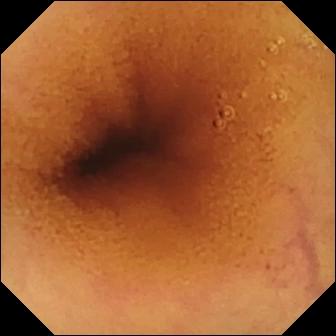modality: wireless capsule endoscopy | category: luminal finding | label: normal clean mucosa